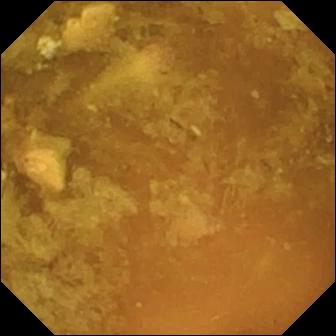VCE image
Observation: reduced mucosal view (content or bubbles obscuring the mucosa)